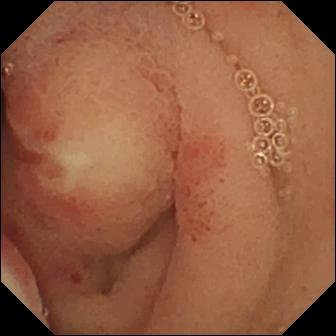modality: video capsule endoscopy
observation: ulcer